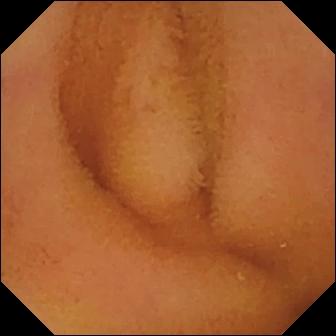{"modality": "WCE", "finding": "normal clean mucosa"}